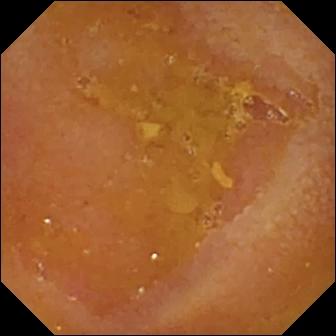VCE snapshot (small bowel), 336×336. Reduced mucosal view (content or bubbles obscuring the mucosa).